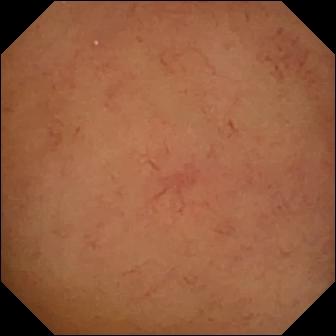Capsule endoscopy — normal clean mucosa.